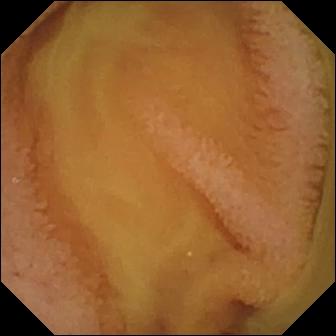WCE. Small intestine. Luminal finding. Label: normal clean mucosa.